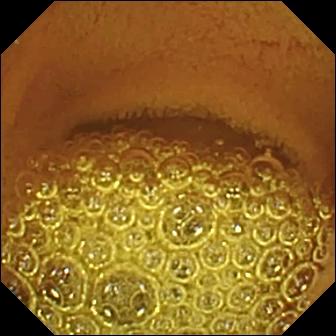Small-bowel capsule endoscopy view (small intestine). Normal clean mucosa.